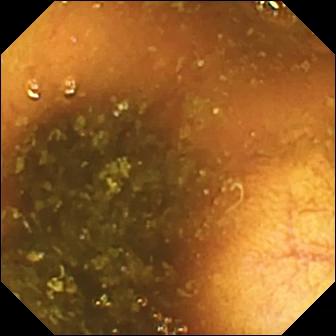Ileo-cecal valve region (the transition from the small bowel to the large bowel) — WCE view.